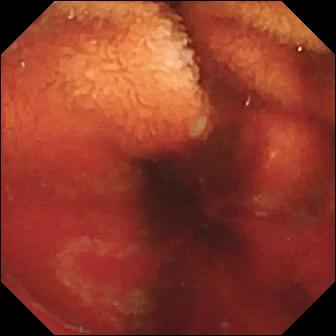WCE — fresh blood in the lumen.